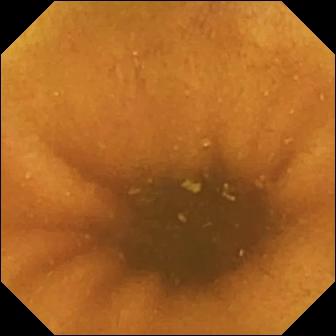Video capsule endoscopy view, small bowel
Finding: normal clean mucosa